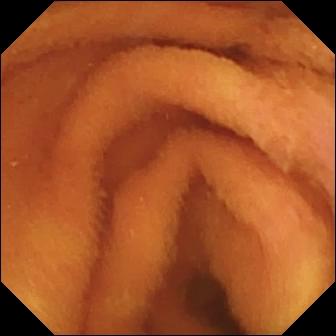Wireless capsule endoscopy. Finding: normal clean mucosa.